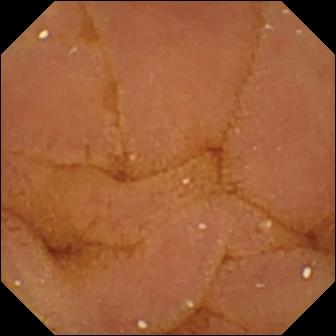Normal clean mucosa — video capsule endoscopy view of the small bowel.